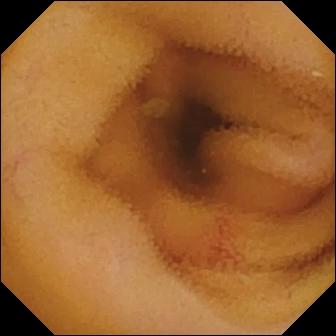Video capsule endoscopy. Label: angiectasia.